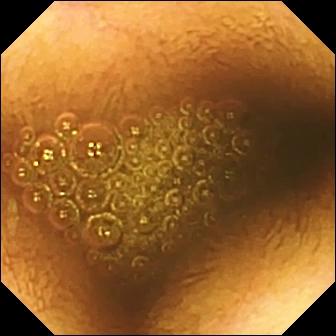- modality: small-bowel capsule endoscopy
- label: reduced mucosal view (content or bubbles obscuring the mucosa)